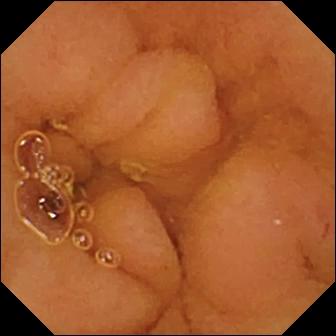This VCE view shows normal clean mucosa.